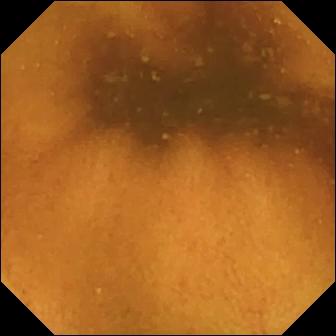Normal clean mucosa — wireless capsule endoscopy image.